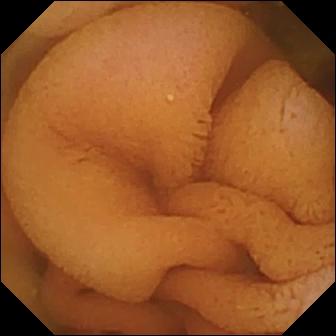{"modality": "capsule endoscopy", "segment": "small bowel", "category": "luminal finding", "finding": "normal clean mucosa"}